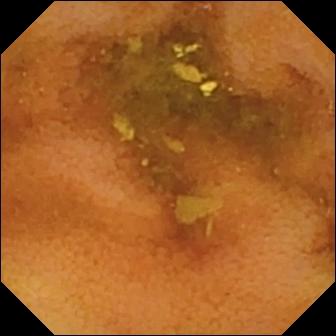This capsule endoscopy image shows normal clean mucosa.